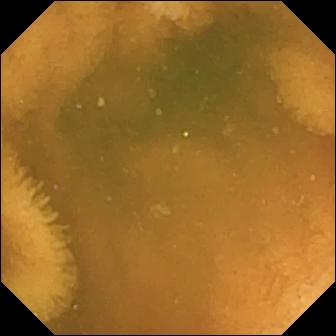Normal clean mucosa.